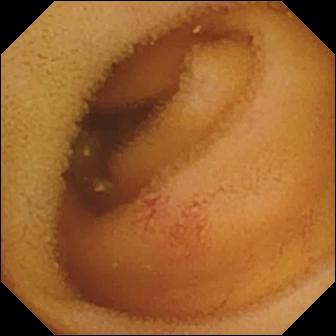Angiectasia — WCE view.